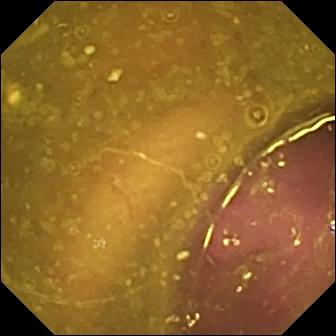Small-bowel capsule endoscopy. Impression: reduced mucosal view (content or bubbles obscuring the mucosa).